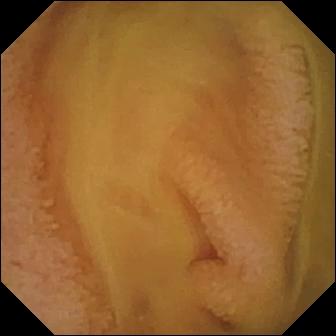Wireless capsule endoscopy view. Normal clean mucosa.